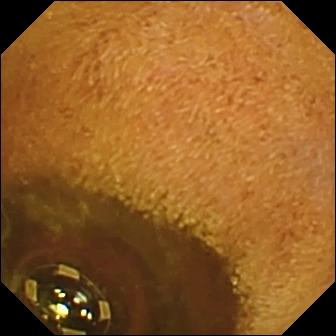Foreign body (e.g. retained capsule, tablet residue) — VCE view.